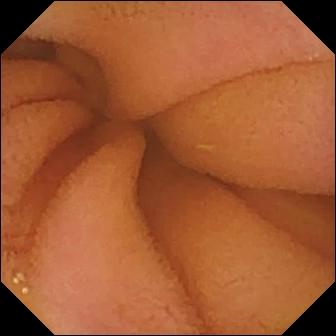modality: VCE
impression: normal clean mucosa